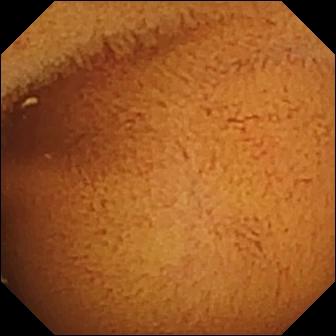This WCE image shows normal clean mucosa.